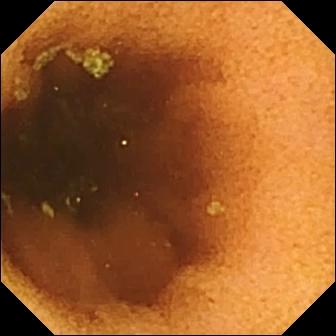This wireless capsule endoscopy still of the small intestine shows normal clean mucosa.